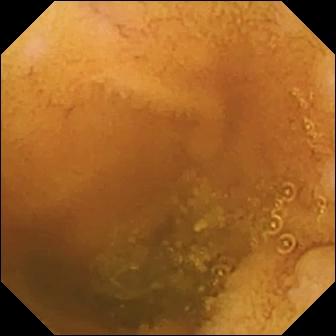Normal clean mucosa — small-bowel capsule endoscopy view of the small intestine.